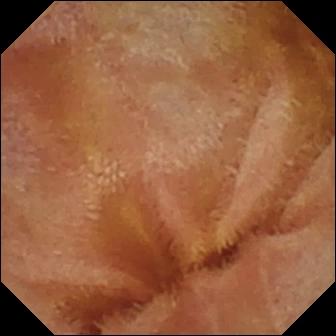This WCE snapshot of the small intestine shows normal clean mucosa.